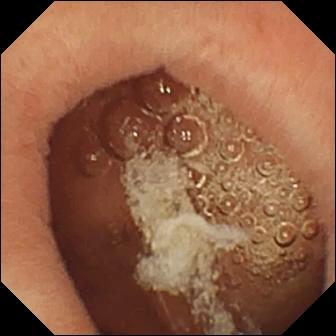Capsule endoscopy view taken in the pylorus region (where the capsule passes from the stomach into the small bowel).